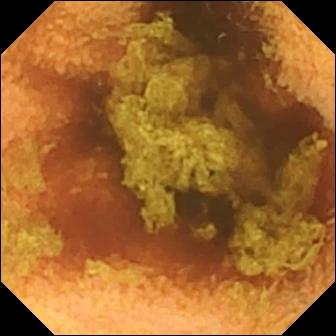This video capsule endoscopy frame shows normal clean mucosa.